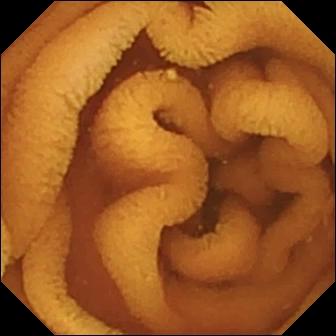WCE — normal clean mucosa.